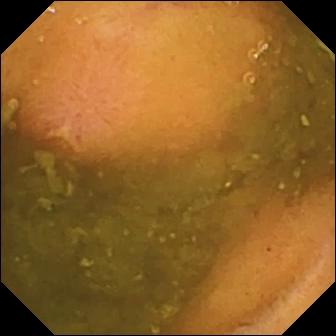Capsule endoscopy image
Observation: ulcer